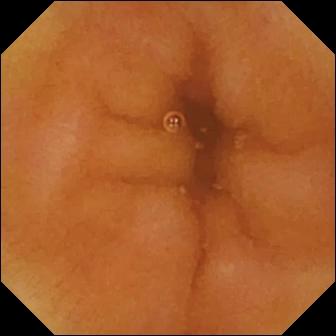WCE still, small intestine
Impression: normal clean mucosa